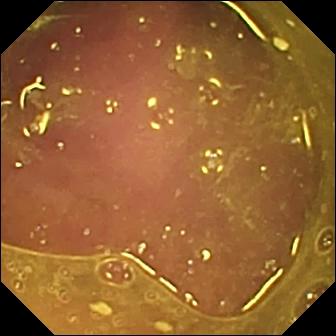Reduced mucosal view (content or bubbles obscuring the mucosa).